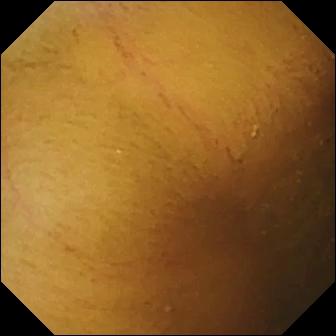Capsule endoscopy snapshot (small intestine), 336×336. Normal clean mucosa.